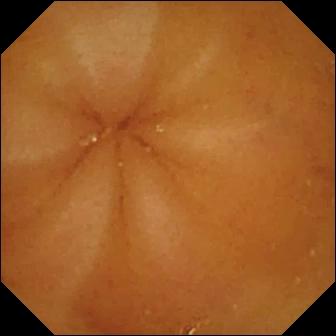{"modality": "small-bowel capsule endoscopy", "segment": "small intestine", "finding": "normal clean mucosa"}